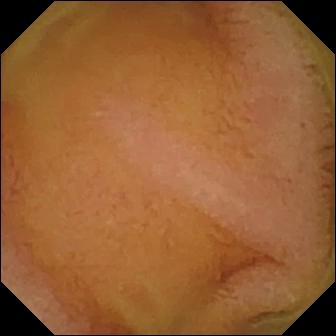PROCEDURE: Small-bowel capsule endoscopy.
SEGMENT: Small intestine.
FINDINGS: Normal clean mucosa.